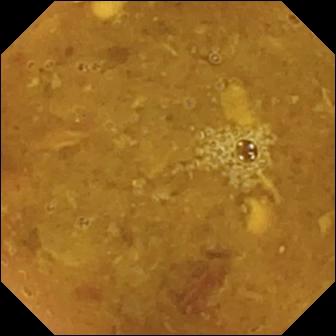modality: VCE | impression: reduced mucosal view (content or bubbles obscuring the mucosa)